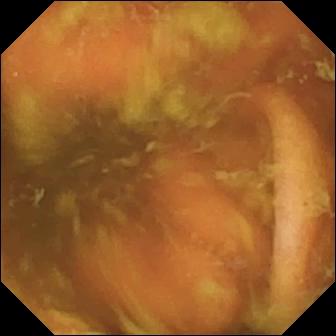modality: capsule endoscopy; label: ileo-cecal valve region (where the capsule passes from the small bowel into the large bowel)